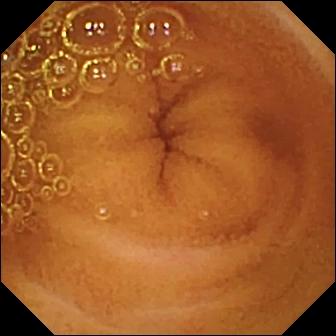WCE — normal clean mucosa.